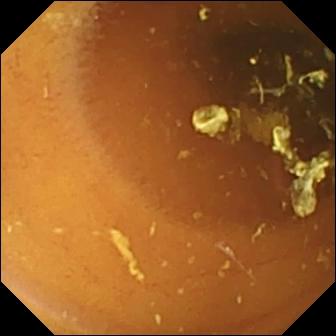WCE — normal clean mucosa.